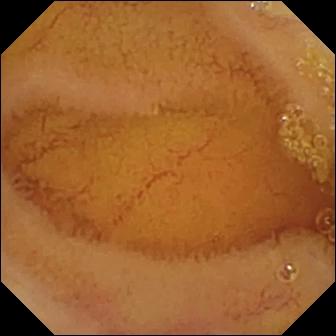PROCEDURE: VCE.
SEGMENT: Small intestine.
FINDINGS: Normal clean mucosa.